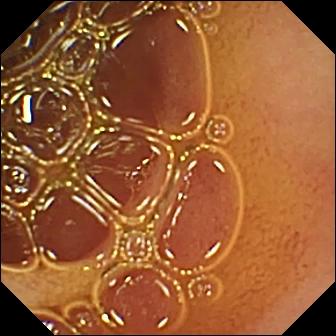Normal clean mucosa — wireless capsule endoscopy view.